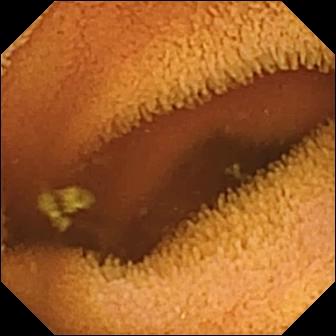Small-bowel capsule endoscopy frame showing normal clean mucosa.